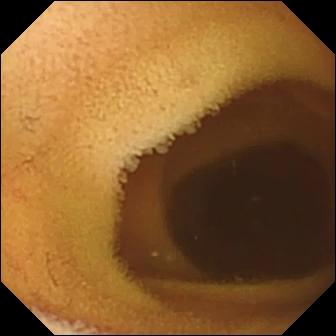- modality: wireless capsule endoscopy
- segment: small intestine
- impression: normal clean mucosa